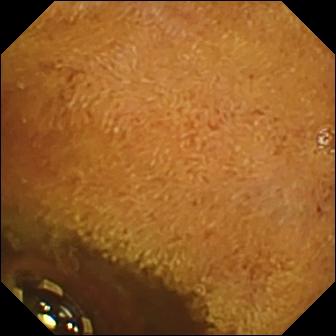PROCEDURE: Video capsule endoscopy.
FINDINGS: Foreign body (e.g. retained capsule, tablet residue).